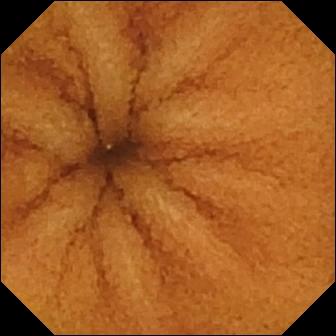Video capsule endoscopy frame
Impression: normal clean mucosa